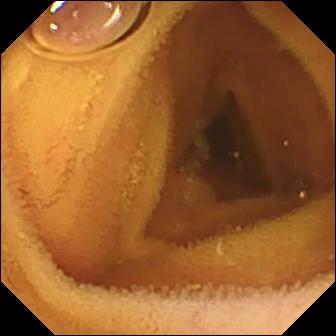WCE view of the small intestine showing normal clean mucosa.